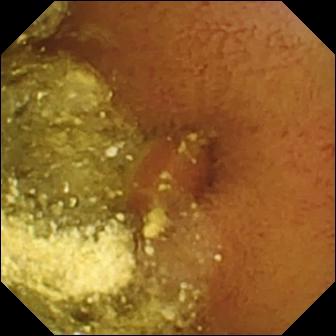Capsule endoscopy. Observation: foreign body (e.g. retained capsule, tablet residue).